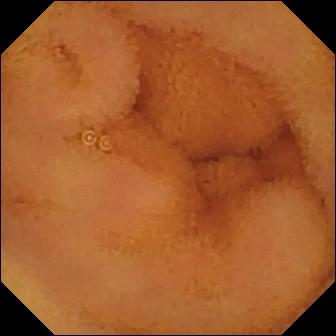PROCEDURE: WCE.
FINDINGS: Normal clean mucosa.